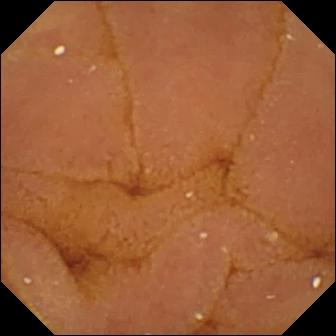This VCE image of the small bowel shows normal clean mucosa.